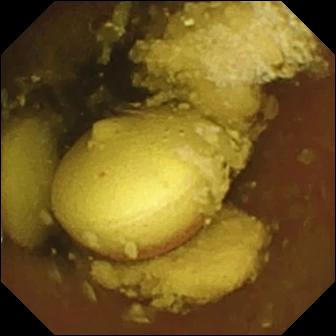This small-bowel capsule endoscopy snapshot shows foreign body (e.g. retained capsule, tablet residue).